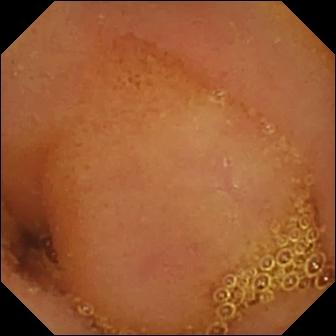- modality: small-bowel capsule endoscopy
- category: luminal finding
- label: normal clean mucosa